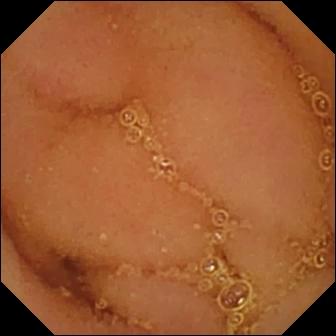PROCEDURE: VCE.
FINDINGS: Normal clean mucosa.